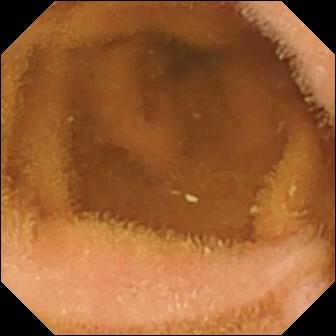VCE image showing normal clean mucosa.